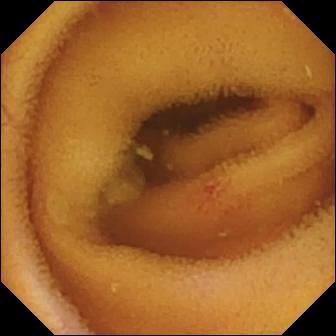Video capsule endoscopy snapshot showing angiectasia.